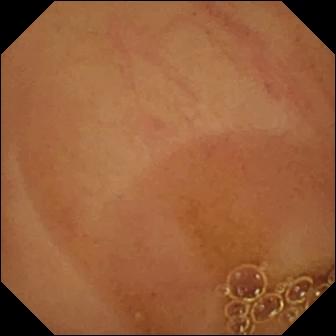This capsule endoscopy frame of the small bowel shows normal clean mucosa.